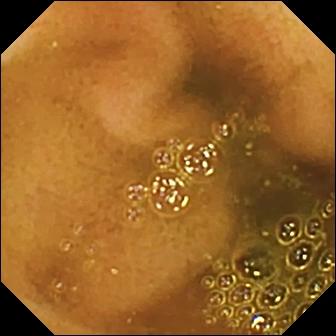Ileo-cecal valve region (where the capsule passes from the small bowel into the large bowel).